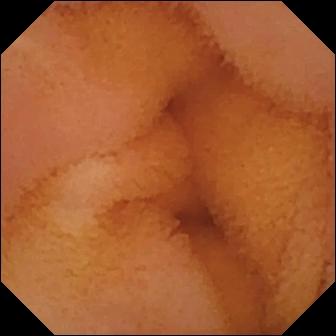Normal clean mucosa (336×336).